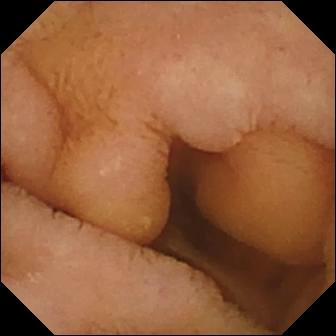Normal clean mucosa (336×336).